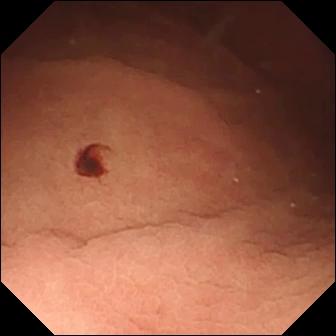VCE still showing angiectasia.